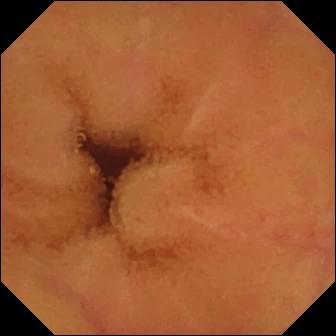modality: wireless capsule endoscopy
category: luminal finding
impression: normal clean mucosa